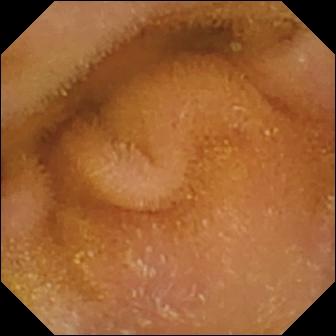Small-bowel capsule endoscopy — normal clean mucosa.